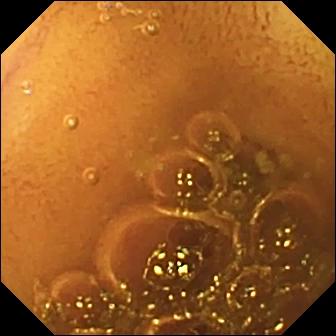Small-bowel capsule endoscopy — normal clean mucosa.